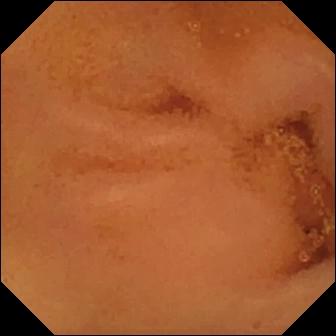Normal clean mucosa — small-bowel capsule endoscopy image of the small bowel.